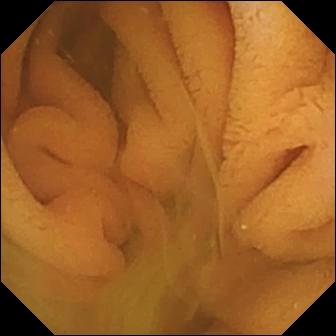Capsule endoscopy frame (small bowel). Normal clean mucosa.